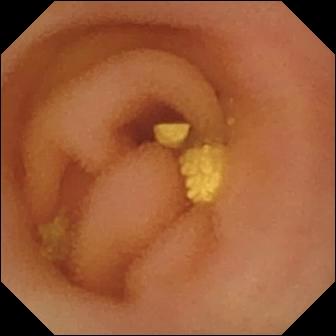Lymphangiectasia — small-bowel capsule endoscopy image.